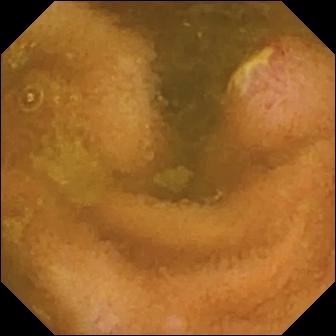PROCEDURE: Wireless capsule endoscopy.
FINDINGS: Ulcer.